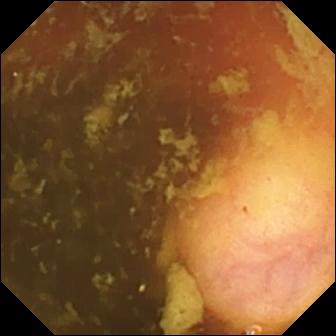WCE. Label: ileo-cecal valve region (the transition from the small bowel to the large bowel).